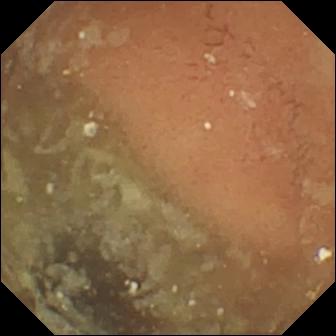PROCEDURE: VCE.
FINDINGS: Normal clean mucosa.